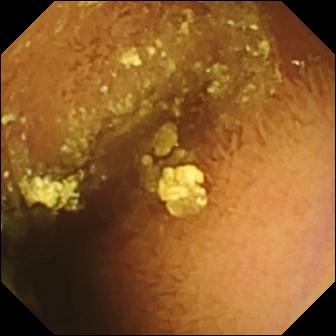Capsule endoscopy frame of the small bowel showing normal clean mucosa.